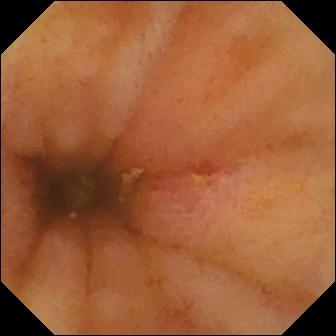VCE. Label: ulcer.